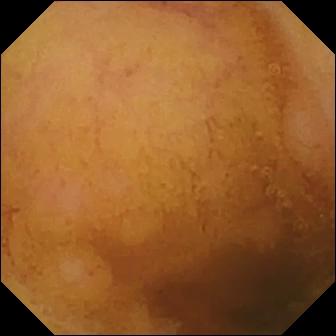PROCEDURE: Capsule endoscopy.
SEGMENT: Small bowel.
FINDINGS: Normal clean mucosa.